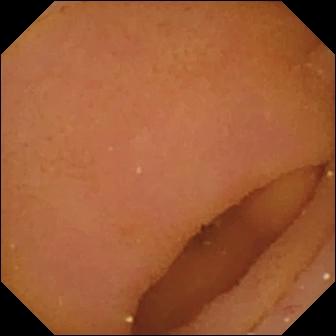Q: Where in the digestive tract was this small-bowel capsule endoscopy frame taken?
A: Pylorus region (the junction between the stomach and the small bowel).